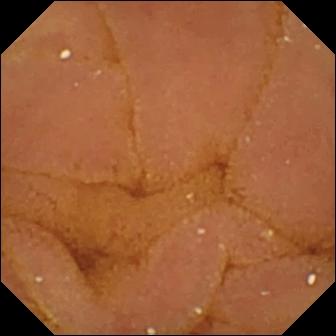VCE still showing normal clean mucosa.